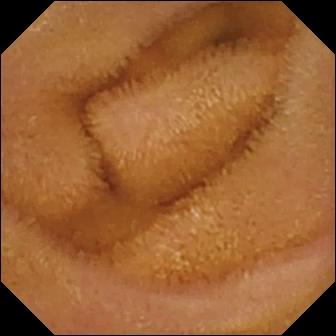VCE. Small bowel. Impression: normal clean mucosa.